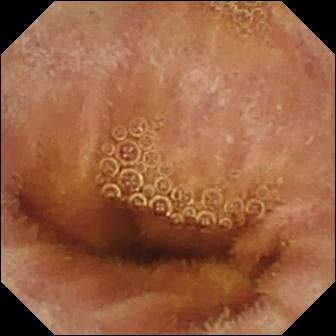PROCEDURE: VCE.
SEGMENT: Small bowel.
FINDINGS: Normal clean mucosa.